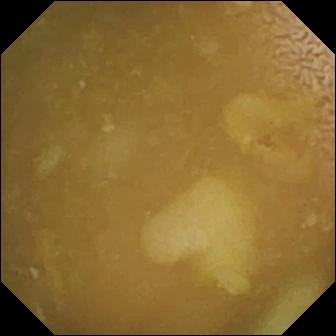- modality: capsule endoscopy
- category: anatomical landmark
- location: ileo-cecal valve region (where the capsule passes from the small bowel into the large bowel)